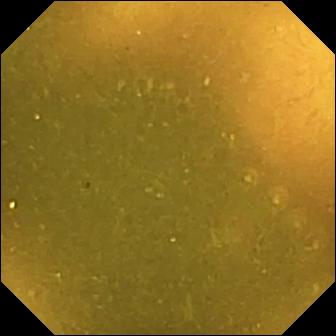modality: small-bowel capsule endoscopy
location: ileo-cecal valve region